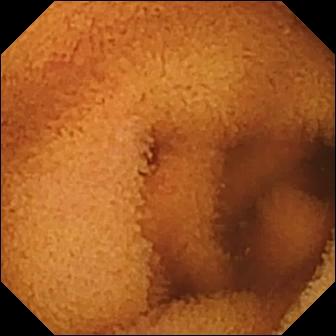WCE view of the small intestine showing normal clean mucosa.